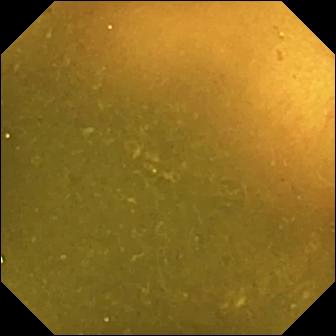Wireless capsule endoscopy still taken in the ileo-cecal valve region.